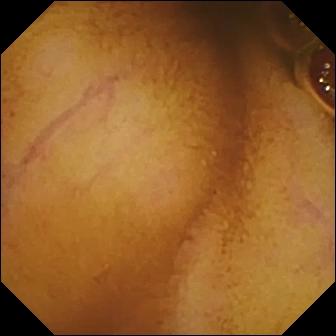Small-bowel capsule endoscopy still. Normal clean mucosa.